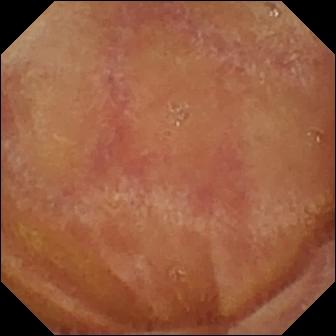PROCEDURE: Small-bowel capsule endoscopy.
FINDINGS: Normal clean mucosa.